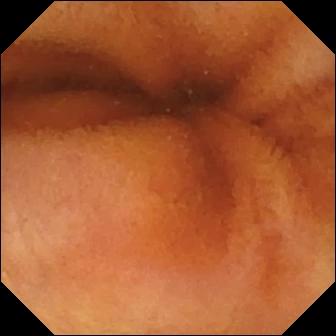Q: What does this capsule endoscopy frame show?
A: Normal clean mucosa.